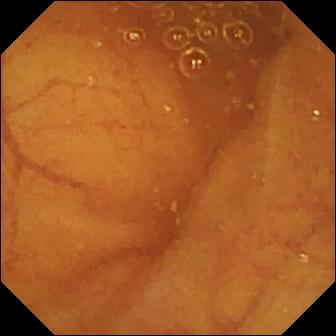Ileo-cecal valve region (where the capsule passes from the small bowel into the large bowel) — small-bowel capsule endoscopy still.